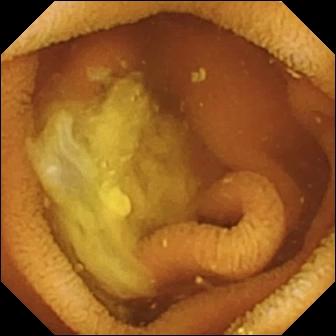Wireless capsule endoscopy. Small intestine. Impression: normal clean mucosa.